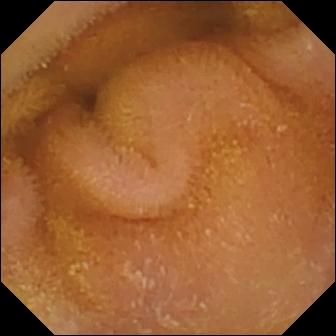PROCEDURE: WCE.
SEGMENT: Small intestine.
FINDINGS: Normal clean mucosa.